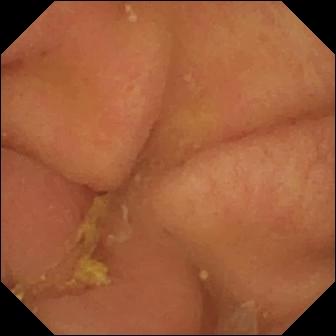This capsule endoscopy view was taken in the pylorus region (the junction between the stomach and the small bowel).